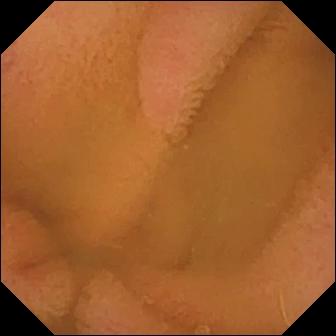Q: What does this small-bowel capsule endoscopy frame of the small bowel show?
A: Normal clean mucosa.